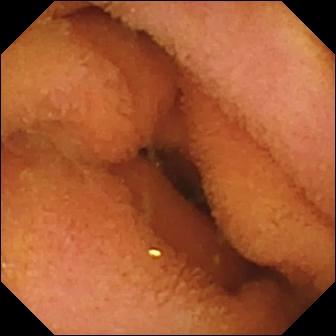Video capsule endoscopy — normal clean mucosa.